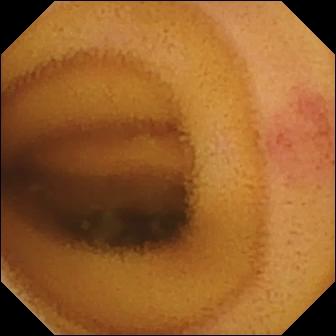WCE — angiectasia.